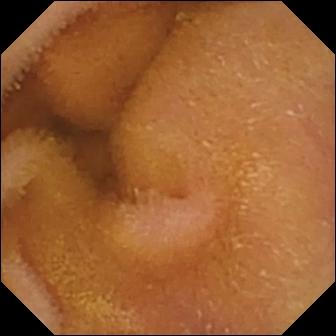Q: What does this VCE still of the small intestine show?
A: Normal clean mucosa.